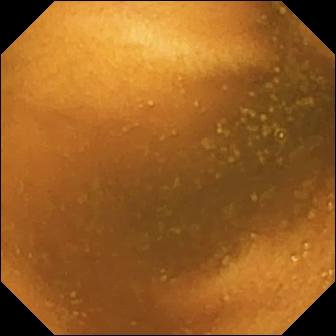PROCEDURE: Video capsule endoscopy.
FINDINGS: Normal clean mucosa.